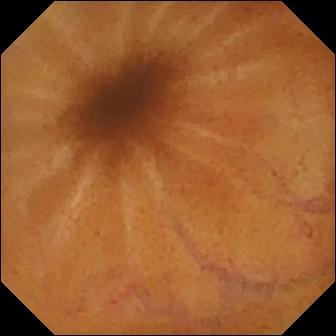Small-bowel capsule endoscopy — normal clean mucosa.